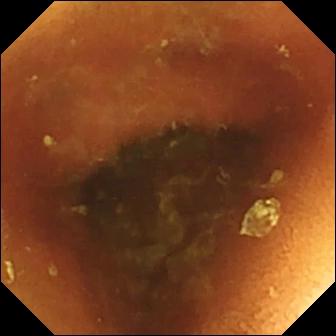Wireless capsule endoscopy frame (small intestine), 336×336. Normal clean mucosa.